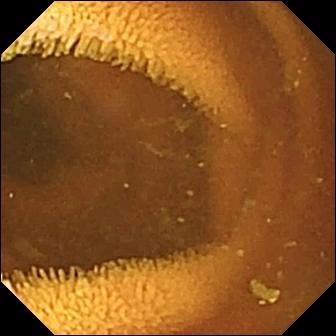Q: What does this capsule endoscopy still show?
A: Normal clean mucosa.